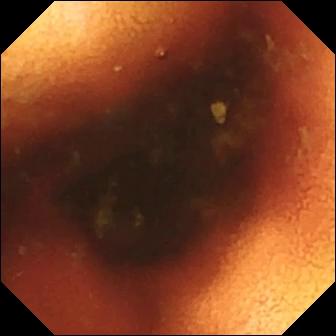modality: wireless capsule endoscopy; video segment: ileo-cecal valve region (the transition from the small bowel to the large bowel)